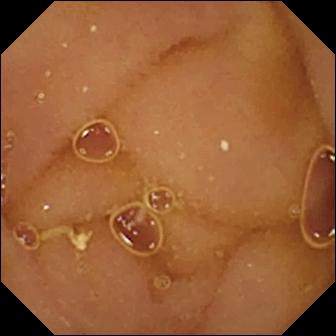{"modality": "VCE", "segment": "small intestine", "finding": "normal clean mucosa"}